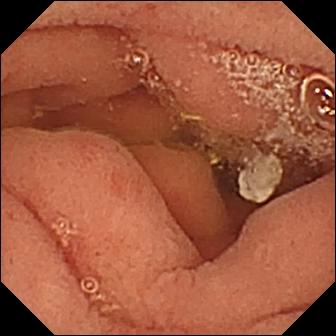Capsule endoscopy — pylorus region (where the capsule passes from the stomach into the small bowel).